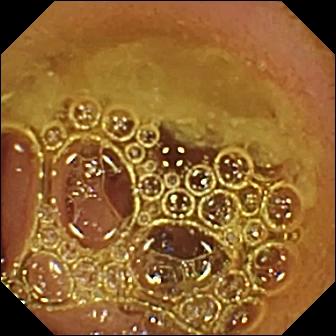Normal clean mucosa — WCE frame of the small intestine.